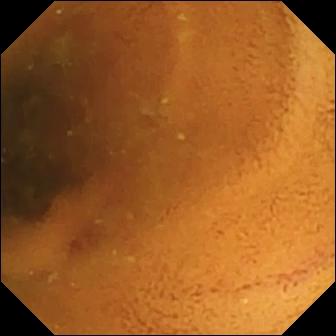Normal clean mucosa — video capsule endoscopy snapshot of the small intestine.